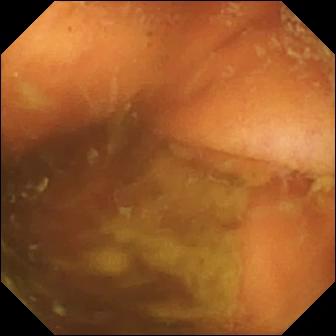Wireless capsule endoscopy — ileo-cecal valve region (the transition from the small bowel to the large bowel).